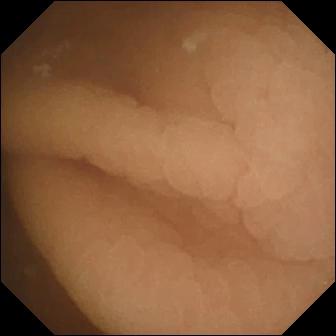PROCEDURE: Capsule endoscopy.
LABEL: Pylorus region (the junction between the stomach and the small bowel).